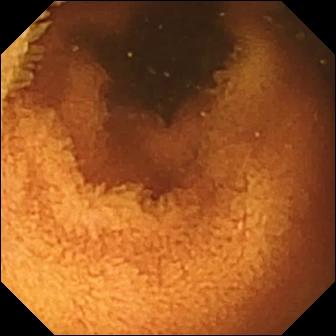Video capsule endoscopy. Observation: normal clean mucosa.